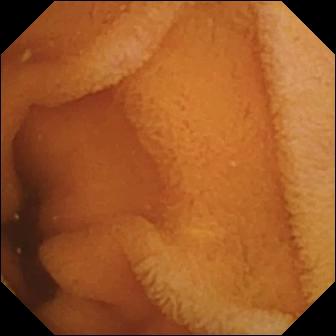{"modality": "capsule endoscopy", "segment": "small bowel", "finding": "normal clean mucosa"}